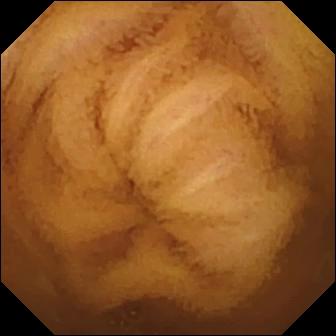Normal clean mucosa — VCE frame.